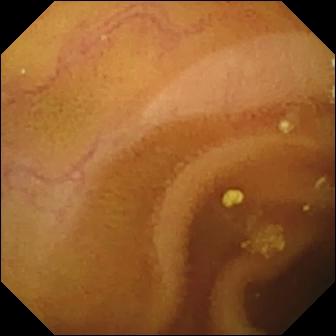{"modality": "video capsule endoscopy", "finding": "lymphangiectasia"}